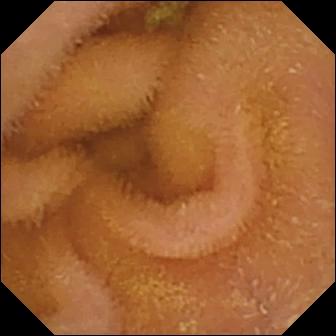WCE view
Label: normal clean mucosa